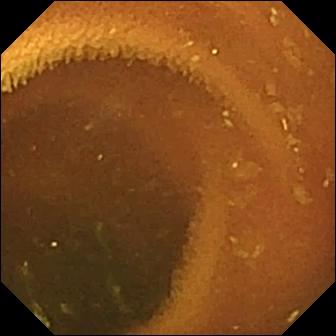Capsule endoscopy snapshot of the small intestine showing normal clean mucosa.